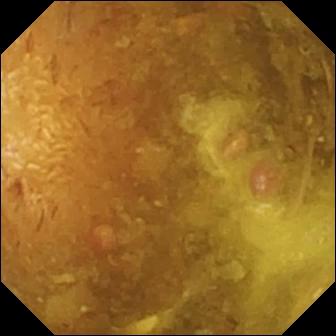Wireless capsule endoscopy frame, small bowel
Observation: reduced mucosal view (content or bubbles obscuring the mucosa)